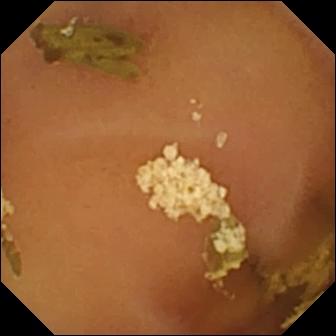{"modality": "VCE", "finding": "normal clean mucosa"}